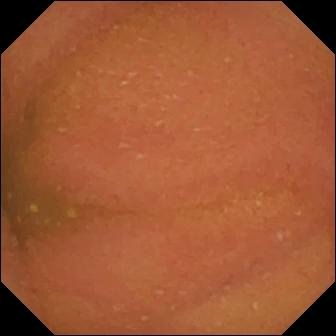Normal clean mucosa — small-bowel capsule endoscopy view.